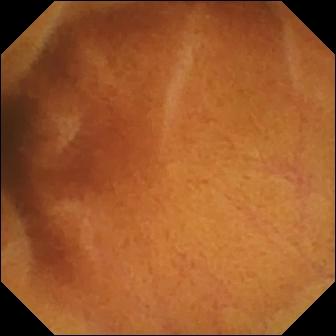{"modality": "VCE", "segment": "small intestine", "category": "luminal finding", "finding": "normal clean mucosa"}